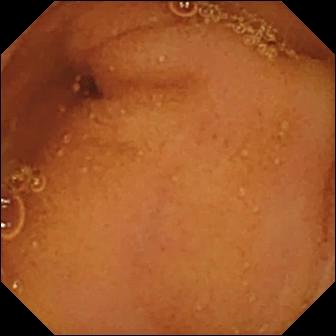WCE. Small bowel. Luminal finding. Finding: normal clean mucosa.